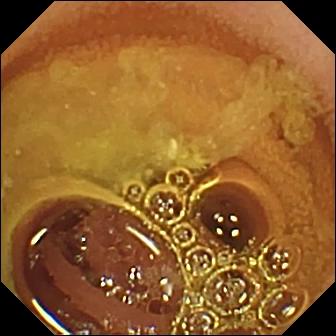Small-bowel capsule endoscopy. Impression: normal clean mucosa.